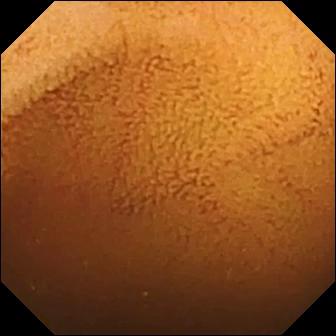Normal clean mucosa — wireless capsule endoscopy frame of the small bowel.